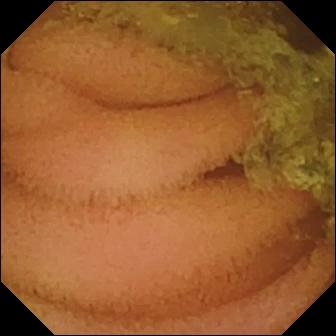Capsule endoscopy — normal clean mucosa.